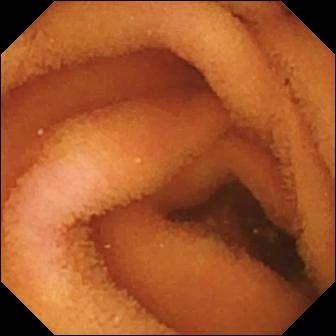Normal clean mucosa — video capsule endoscopy view.